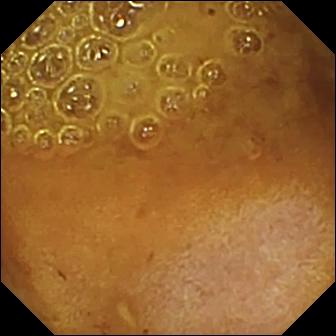Video capsule endoscopy frame
Finding: reduced mucosal view (content or bubbles obscuring the mucosa)